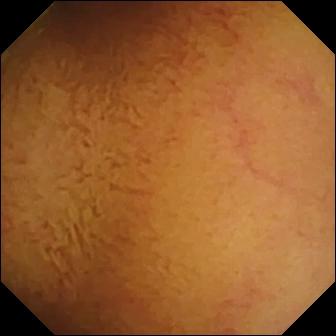Normal clean mucosa.